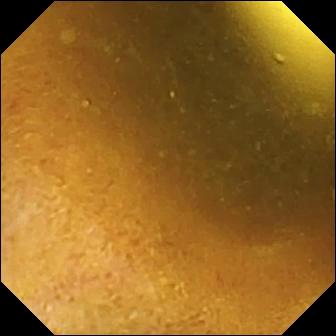Foreign body (e.g. retained capsule, tablet residue).